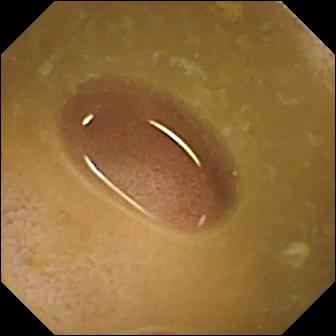modality: video capsule endoscopy; position: ileo-cecal valve region (the transition from the small bowel to the large bowel)